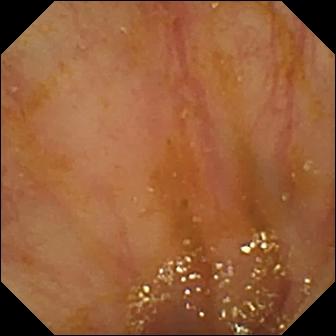Ileo-cecal valve region (where the capsule passes from the small bowel into the large bowel) — WCE image.